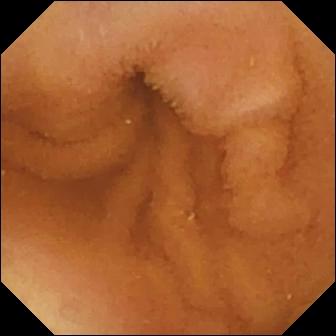This VCE image shows normal clean mucosa.